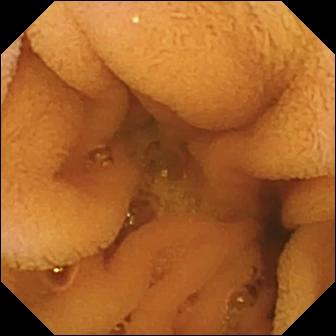This VCE view shows normal clean mucosa.